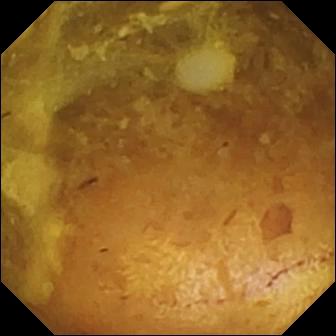modality: video capsule endoscopy | category: luminal finding | impression: reduced mucosal view (content or bubbles obscuring the mucosa)